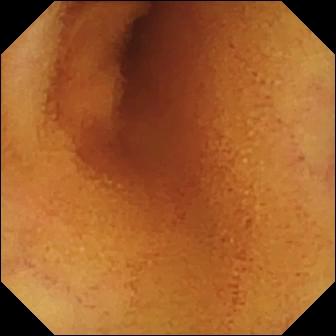Normal clean mucosa.